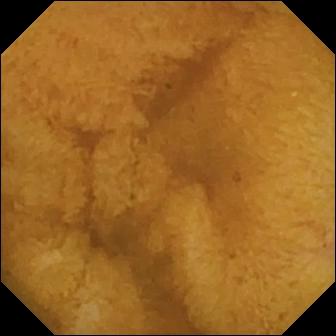WCE — normal clean mucosa.